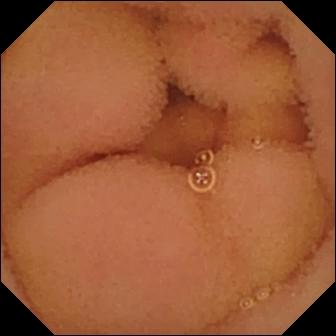- modality: small-bowel capsule endoscopy
- segment: small intestine
- label: normal clean mucosa